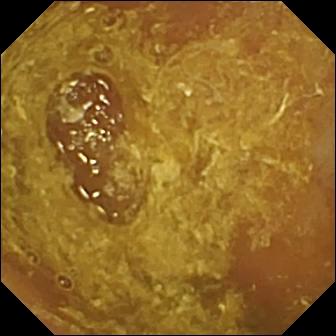Wireless capsule endoscopy — reduced mucosal view (content or bubbles obscuring the mucosa).